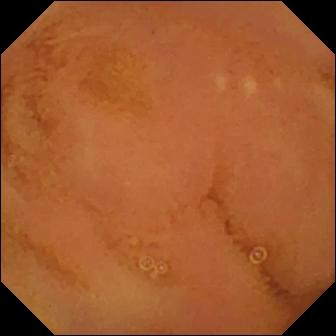This WCE image of the small bowel shows normal clean mucosa.